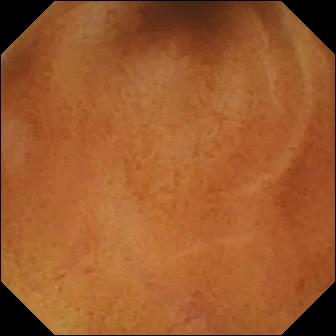Video capsule endoscopy view of the small bowel showing normal clean mucosa.